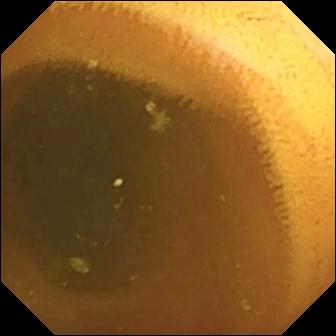modality: small-bowel capsule endoscopy | segment: small bowel | finding: normal clean mucosa